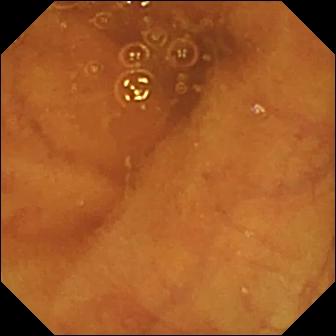Video capsule endoscopy view
Position: ileo-cecal valve region